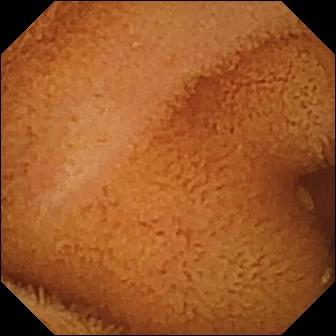Small-bowel capsule endoscopy view (small bowel). Normal clean mucosa.